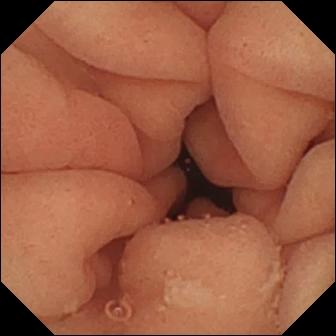VCE image. Taken in the pylorus region (where the capsule passes from the stomach into the small bowel).